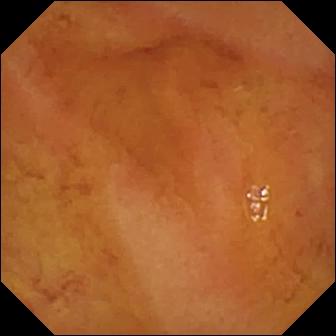Small-bowel capsule endoscopy — normal clean mucosa.